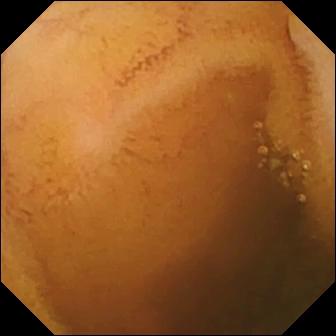Q: What does this VCE frame of the small bowel show?
A: Normal clean mucosa.